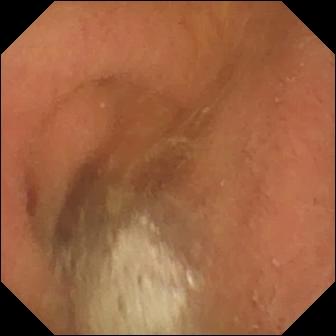Small-bowel capsule endoscopy frame taken in the pylorus region.